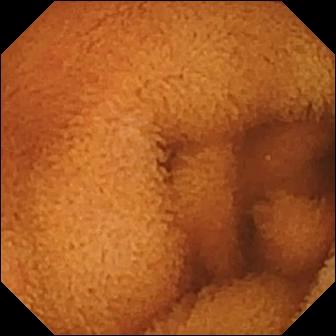Q: What does this capsule endoscopy view of the small bowel show?
A: Normal clean mucosa.